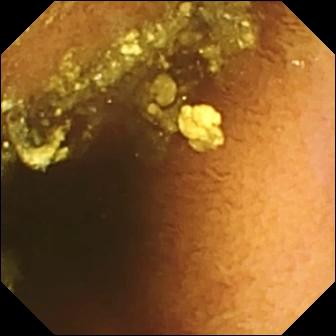{"modality": "VCE", "finding": "normal clean mucosa"}